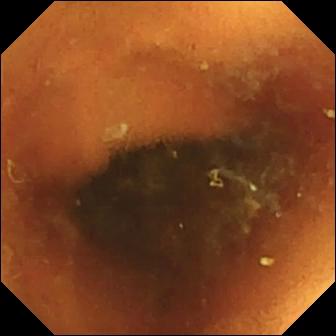Wireless capsule endoscopy image
Observation: normal clean mucosa